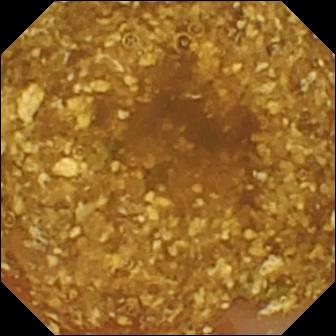- modality: video capsule endoscopy
- segment: small intestine
- category: luminal finding
- finding: reduced mucosal view (content or bubbles obscuring the mucosa)